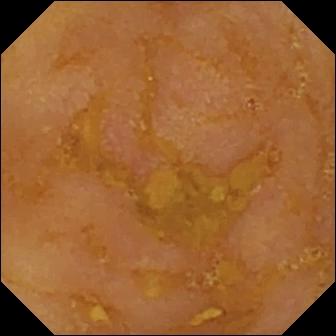WCE view, 336×336. Reduced mucosal view (content or bubbles obscuring the mucosa).